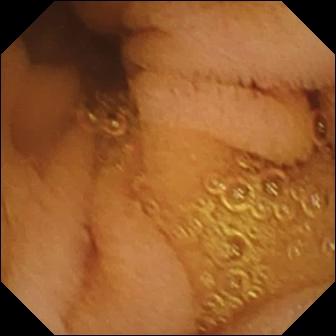This VCE view of the small bowel shows normal clean mucosa.